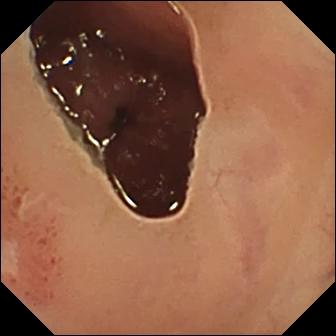Ulcer — VCE snapshot.